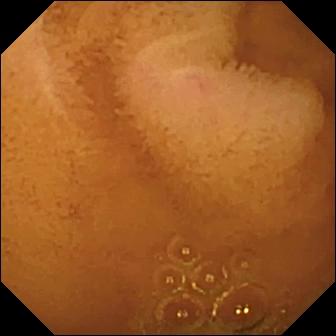Normal clean mucosa — small-bowel capsule endoscopy still.